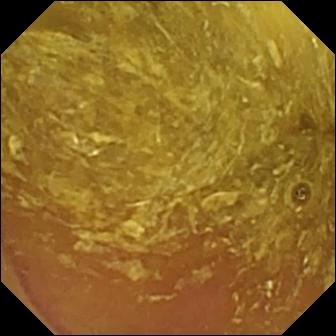Q: What does this small-bowel capsule endoscopy snapshot show?
A: Reduced mucosal view (content or bubbles obscuring the mucosa).